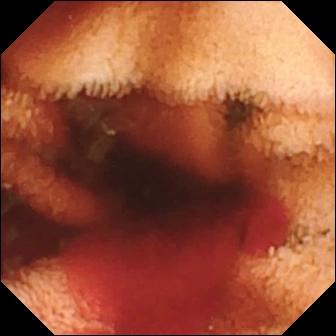Fresh blood in the lumen — video capsule endoscopy view.